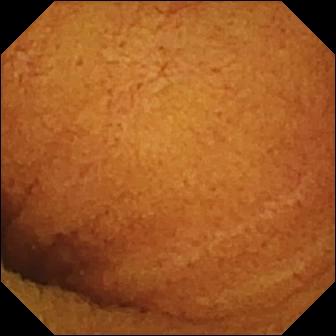Video capsule endoscopy. Small bowel. Luminal finding. Impression: normal clean mucosa.